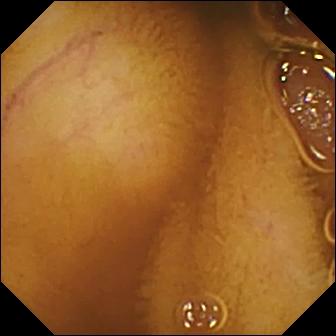WCE — normal clean mucosa.